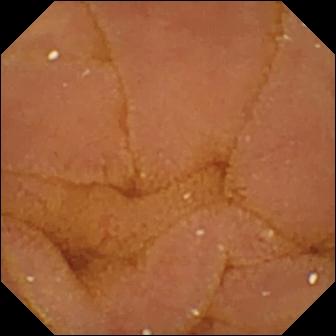Small-bowel capsule endoscopy — normal clean mucosa.